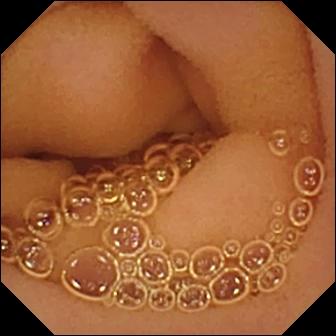Q: What does this WCE still of the small bowel show?
A: Normal clean mucosa.